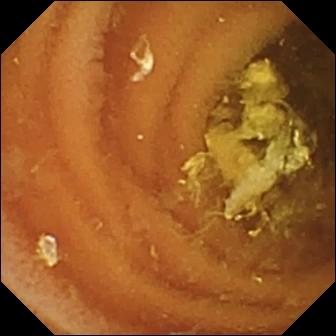This VCE frame of the small intestine shows normal clean mucosa.